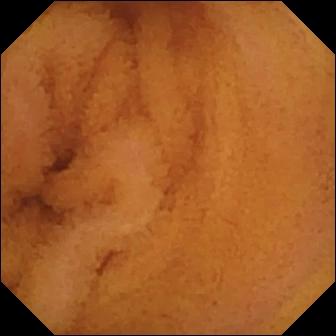- modality: small-bowel capsule endoscopy
- segment: small intestine
- category: luminal finding
- finding: normal clean mucosa